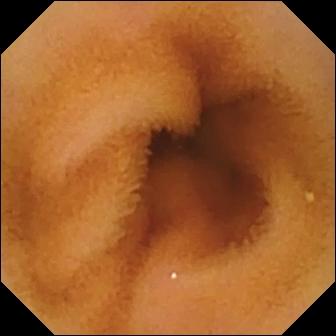WCE still. Normal clean mucosa.